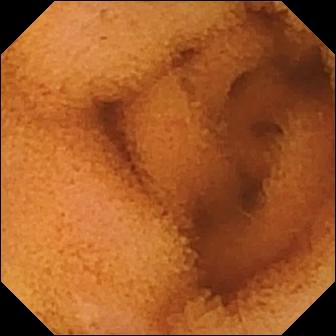Q: What does this small-bowel capsule endoscopy snapshot show?
A: Normal clean mucosa.